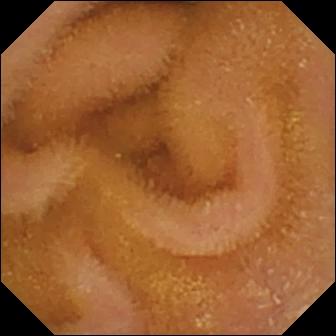modality: VCE | label: normal clean mucosa